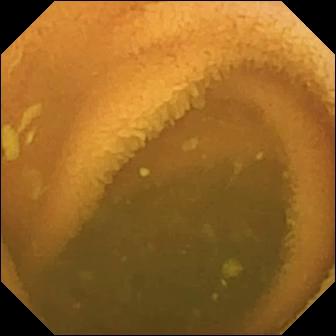{"modality": "capsule endoscopy", "finding": "normal clean mucosa"}